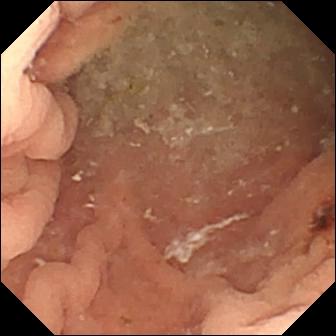WCE frame showing angiectasia.